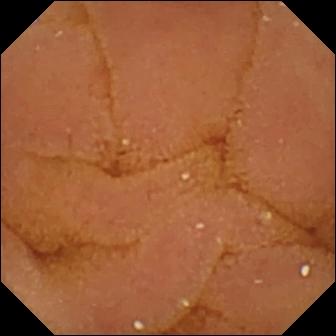VCE still, small intestine
Label: normal clean mucosa